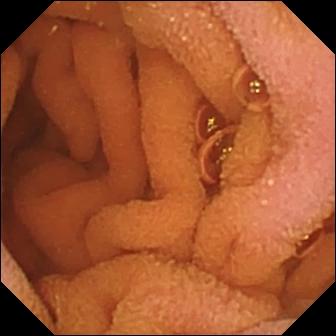Normal clean mucosa — video capsule endoscopy still.